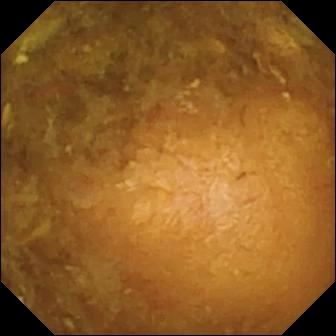Small-bowel capsule endoscopy frame, small bowel
Impression: reduced mucosal view (content or bubbles obscuring the mucosa)